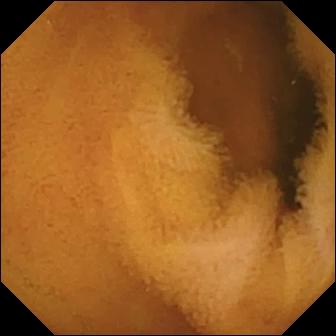Q: What does this capsule endoscopy view show?
A: Normal clean mucosa.